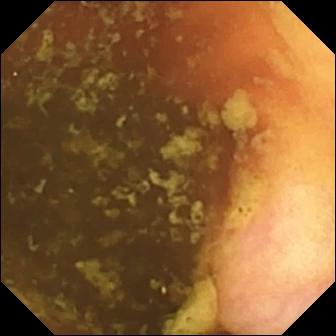- modality: wireless capsule endoscopy
- video segment: ileo-cecal valve region (where the capsule passes from the small bowel into the large bowel)